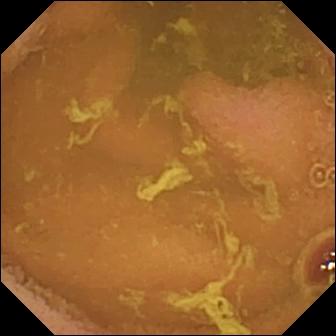- modality: wireless capsule endoscopy
- category: luminal finding
- finding: normal clean mucosa